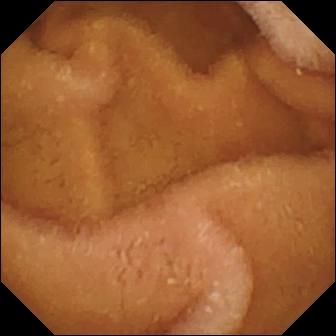{"modality": "capsule endoscopy", "finding": "normal clean mucosa"}